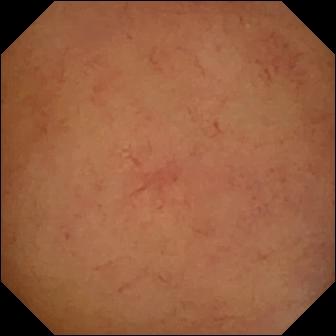Small-bowel capsule endoscopy. Luminal finding. Observation: normal clean mucosa.